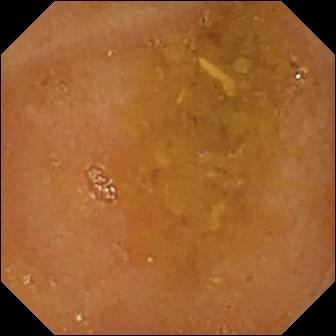Small-bowel capsule endoscopy — reduced mucosal view (content or bubbles obscuring the mucosa).